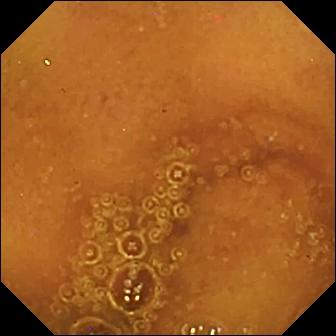Normal clean mucosa — video capsule endoscopy still of the small bowel.